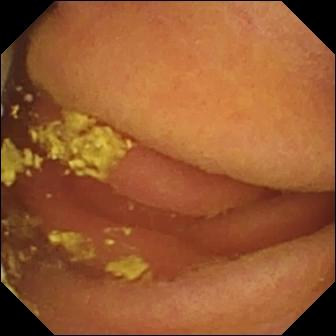modality: VCE
category: luminal finding
label: foreign body (e.g. retained capsule, tablet residue)